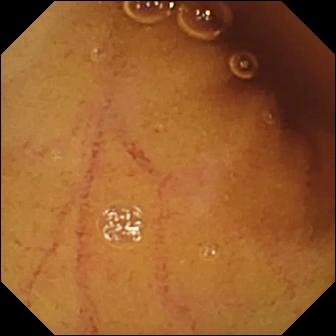Normal clean mucosa — VCE snapshot of the small intestine.